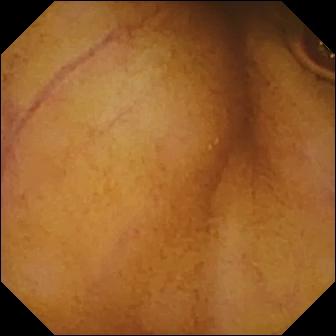This video capsule endoscopy still of the small intestine shows normal clean mucosa.